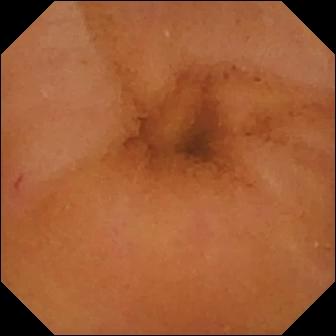PROCEDURE: WCE.
FINDINGS: Normal clean mucosa.